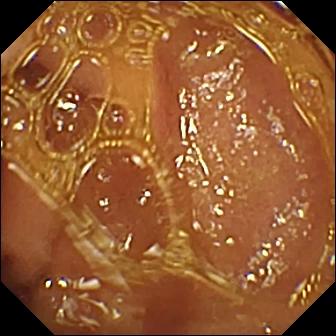Small-bowel capsule endoscopy frame showing normal clean mucosa.